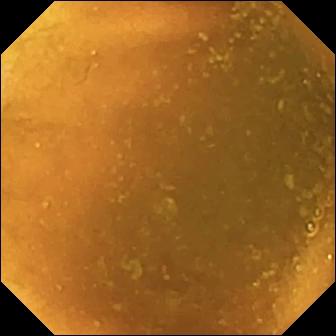Q: What does this wireless capsule endoscopy view of the small intestine show?
A: Normal clean mucosa.